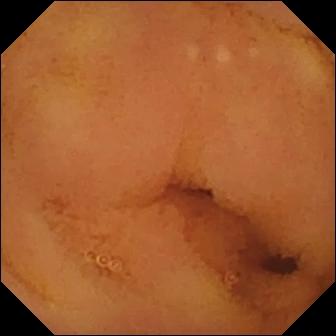WCE image, small bowel
Label: normal clean mucosa